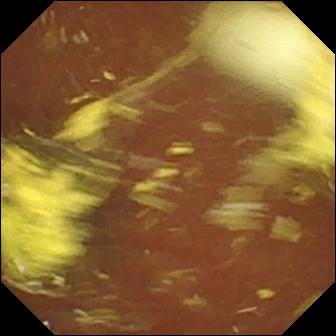- modality: video capsule endoscopy
- category: luminal finding
- observation: foreign body (e.g. retained capsule, tablet residue)